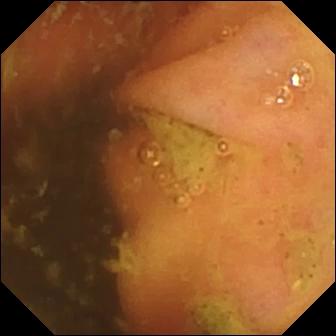Wireless capsule endoscopy still taken in the ileo-cecal valve region (the transition from the small bowel to the large bowel).